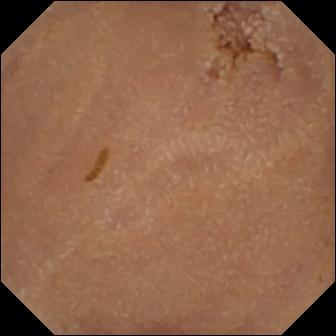- modality: wireless capsule endoscopy
- segment: small bowel
- impression: normal clean mucosa